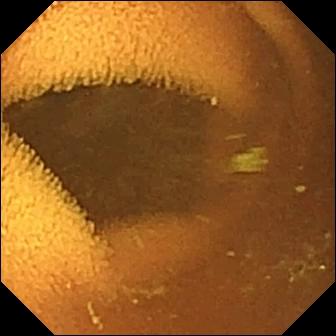{"modality": "small-bowel capsule endoscopy", "segment": "small intestine", "finding": "normal clean mucosa"}